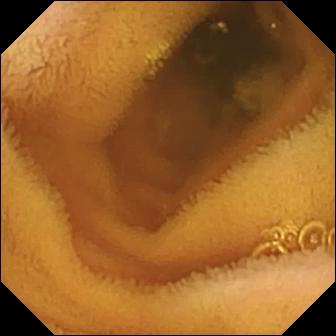WCE — normal clean mucosa.